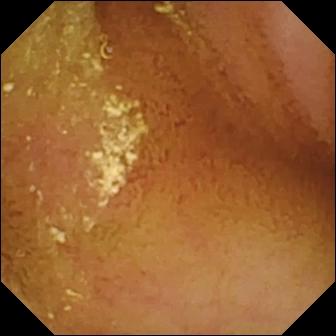Normal clean mucosa (336×336).